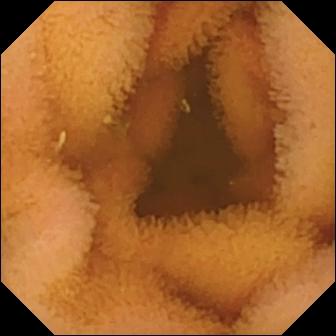{"modality": "wireless capsule endoscopy", "segment": "small bowel", "finding": "normal clean mucosa"}